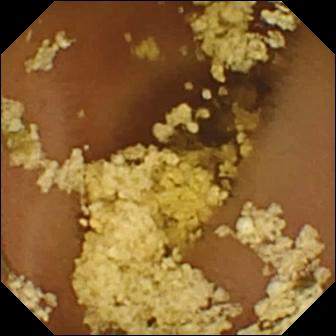This VCE view shows normal clean mucosa.